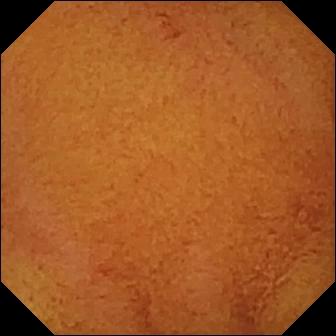Normal clean mucosa.